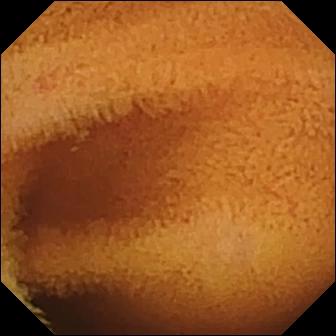Normal clean mucosa — WCE image of the small bowel.